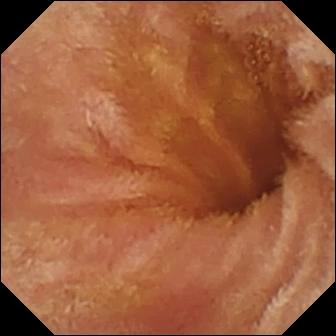WCE. Luminal finding. Label: normal clean mucosa.